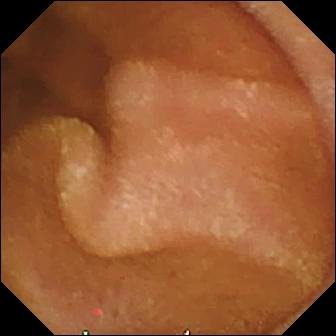This WCE snapshot shows normal clean mucosa.